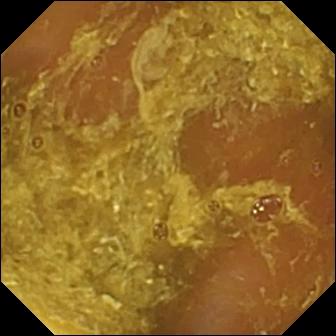This VCE snapshot of the small intestine shows reduced mucosal view (content or bubbles obscuring the mucosa).